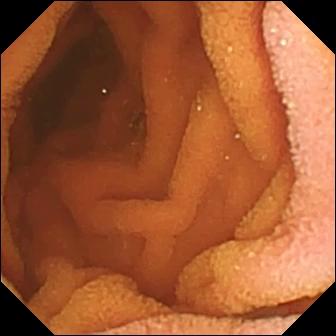Small-bowel capsule endoscopy view showing normal clean mucosa.